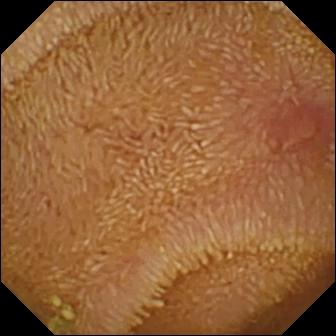Capsule endoscopy — erosion.